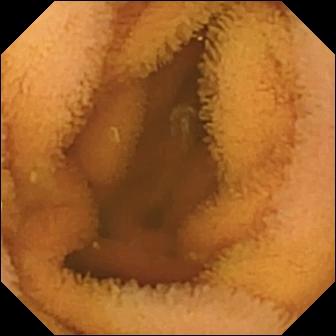Q: What does this WCE image show?
A: Normal clean mucosa.